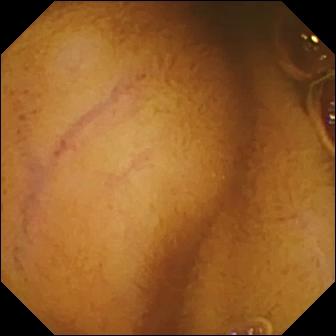Normal clean mucosa.